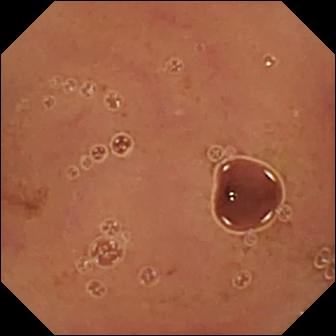VCE view, 336×336. Normal clean mucosa.